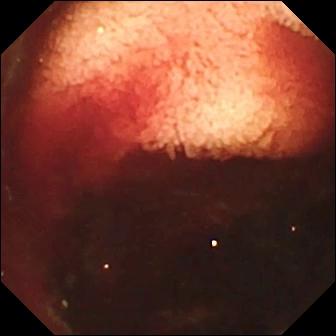Capsule endoscopy. Luminal finding. Label: fresh blood in the lumen.